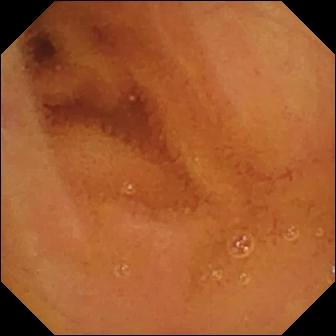Normal clean mucosa.